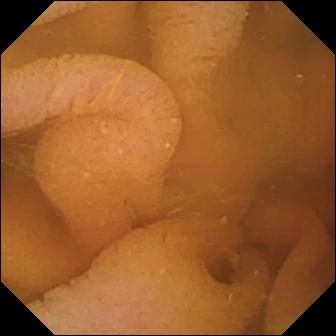Small-bowel capsule endoscopy view
Finding: normal clean mucosa